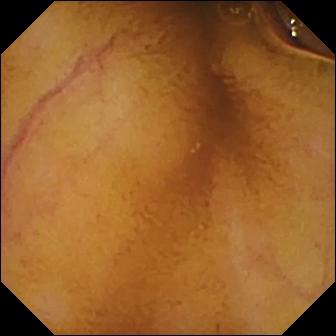Q: What does this VCE snapshot show?
A: Normal clean mucosa.